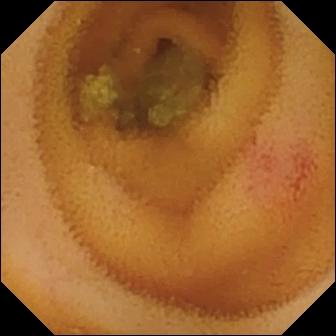modality: WCE | observation: angiectasia